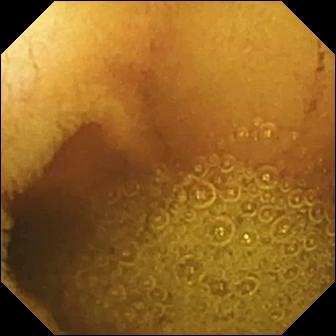- modality: wireless capsule endoscopy
- segment: small bowel
- finding: normal clean mucosa